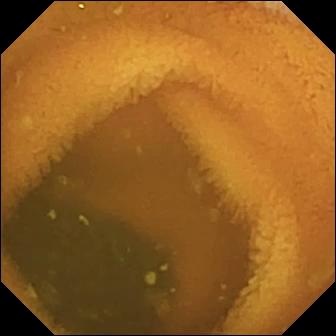Video capsule endoscopy still
Impression: normal clean mucosa